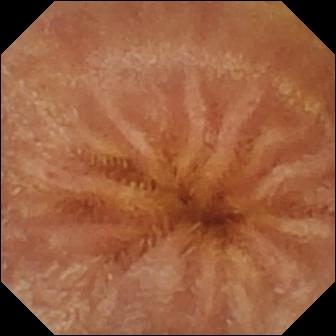Wireless capsule endoscopy. Small bowel. Luminal finding. Impression: normal clean mucosa.